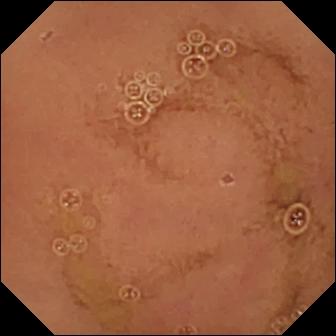This wireless capsule endoscopy still of the small bowel shows normal clean mucosa.